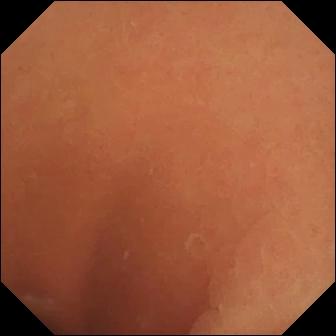{"modality": "small-bowel capsule endoscopy", "category": "luminal finding", "finding": "normal clean mucosa"}